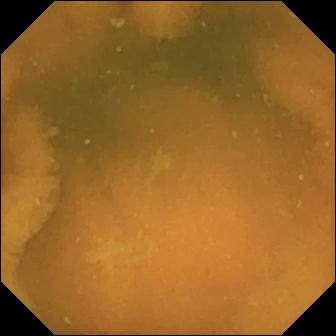WCE still showing normal clean mucosa.